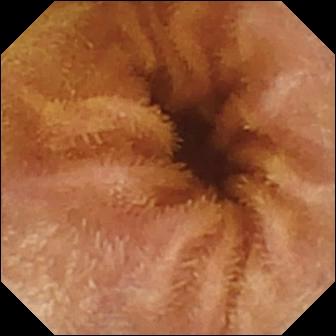Capsule endoscopy still
Impression: normal clean mucosa